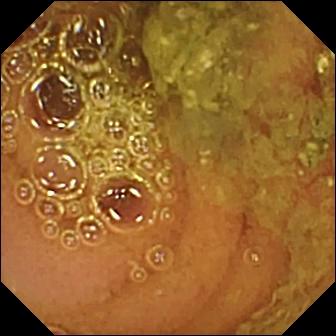Normal clean mucosa — capsule endoscopy view.